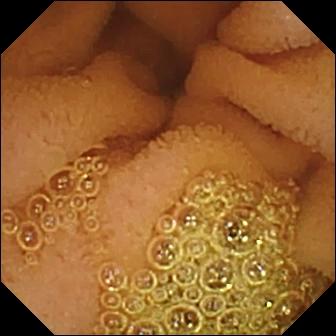modality: capsule endoscopy
observation: normal clean mucosa